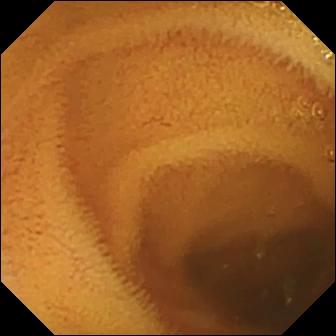- modality: capsule endoscopy
- segment: small intestine
- observation: normal clean mucosa